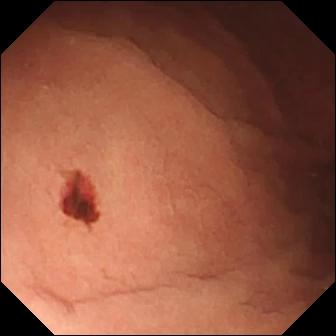- modality: WCE
- category: luminal finding
- finding: angiectasia